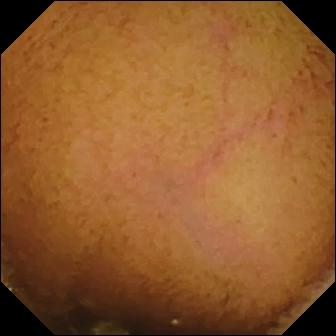Normal clean mucosa (336×336).